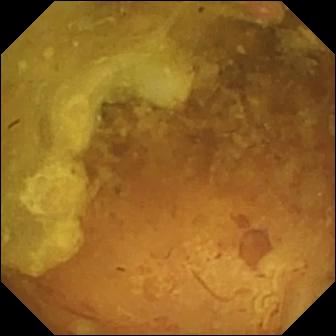modality: wireless capsule endoscopy | impression: reduced mucosal view (content or bubbles obscuring the mucosa)